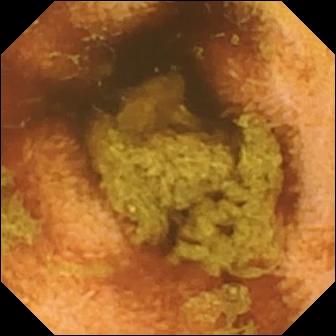Small-bowel capsule endoscopy view (small bowel). Normal clean mucosa.